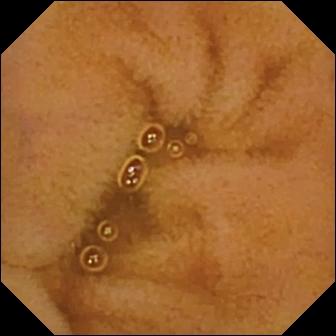Wireless capsule endoscopy image (small intestine). Normal clean mucosa.